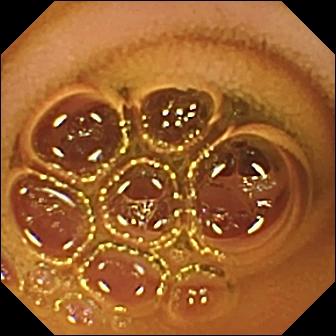Video capsule endoscopy frame (small intestine). Normal clean mucosa.